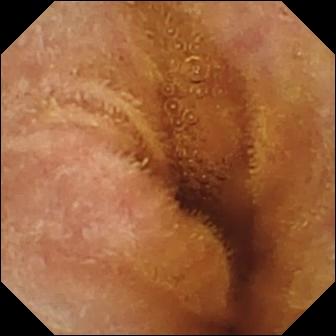Video capsule endoscopy. Small bowel. Label: normal clean mucosa.